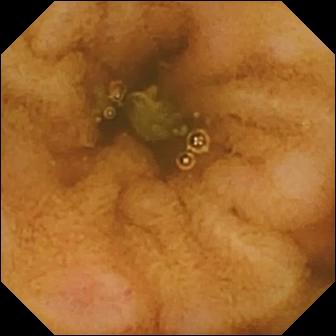- modality: VCE
- category: luminal finding
- label: erosion